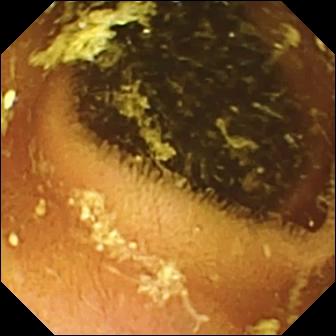Normal clean mucosa — small-bowel capsule endoscopy view.